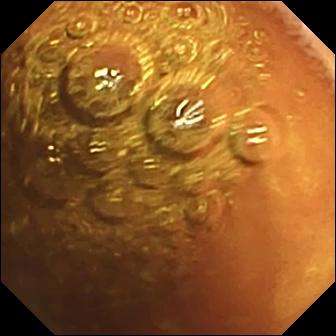VCE snapshot of the small intestine showing normal clean mucosa.